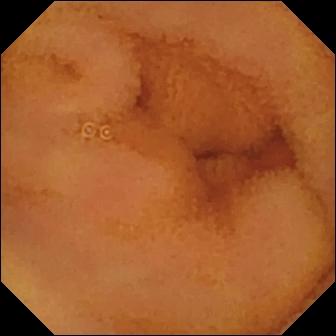Normal clean mucosa — wireless capsule endoscopy view.